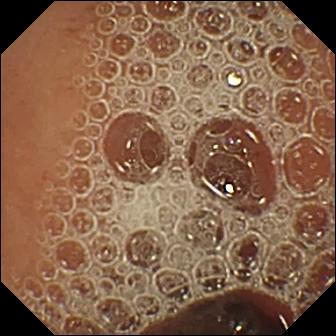- modality: small-bowel capsule endoscopy
- observation: normal clean mucosa